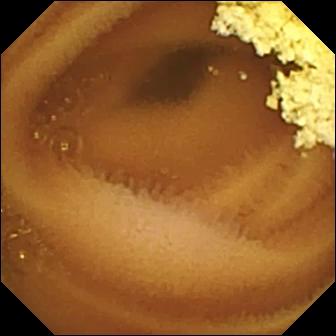Q: What does this WCE still of the small intestine show?
A: Normal clean mucosa.